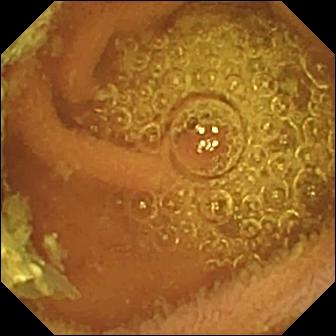Wireless capsule endoscopy view. Normal clean mucosa.